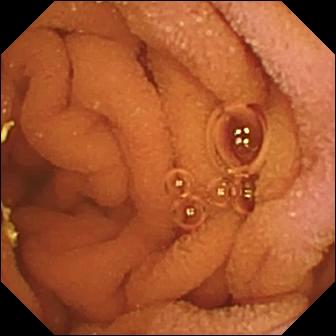Normal clean mucosa — small-bowel capsule endoscopy image of the small intestine.